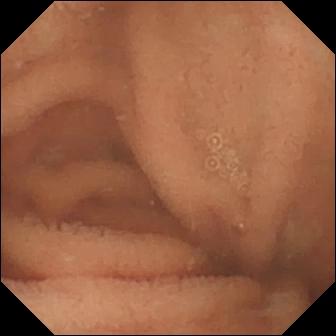- modality: wireless capsule endoscopy
- impression: normal clean mucosa